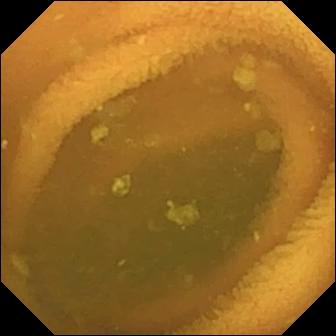WCE — normal clean mucosa.